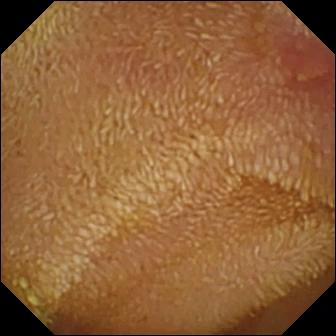VCE — erosion.